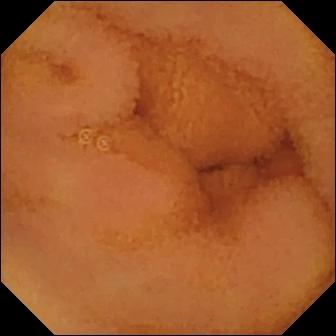Normal clean mucosa — capsule endoscopy snapshot.